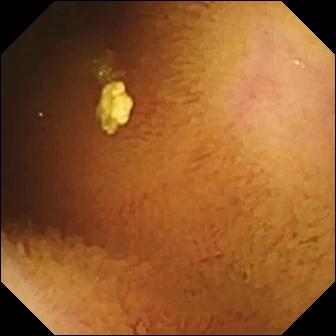Video capsule endoscopy snapshot showing normal clean mucosa.